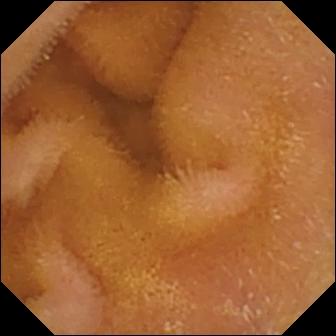- modality: capsule endoscopy
- finding: normal clean mucosa